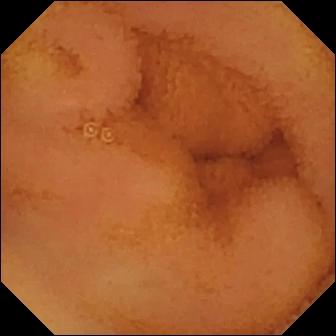modality: WCE; category: luminal finding; observation: normal clean mucosa